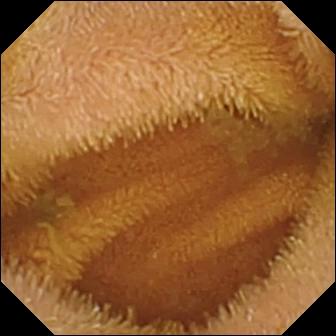PROCEDURE: Small-bowel capsule endoscopy.
FINDINGS: Normal clean mucosa.